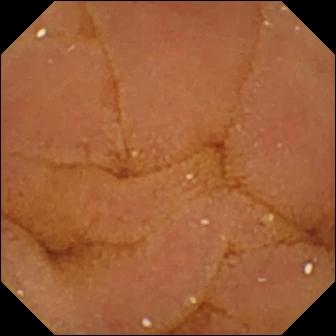This VCE snapshot shows normal clean mucosa.